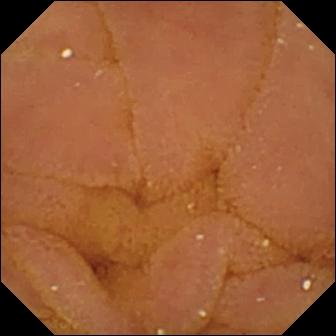Normal clean mucosa — small-bowel capsule endoscopy snapshot.